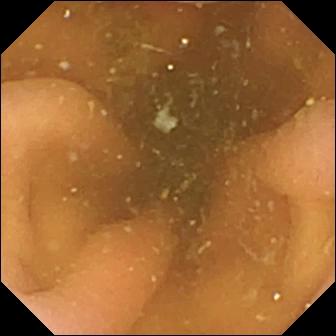Small-bowel capsule endoscopy — pylorus region (the junction between the stomach and the small bowel).